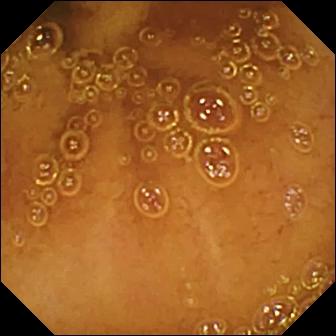Video capsule endoscopy — normal clean mucosa.